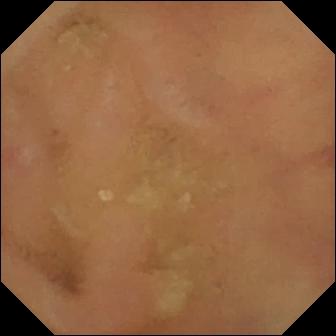Video capsule endoscopy — normal clean mucosa.